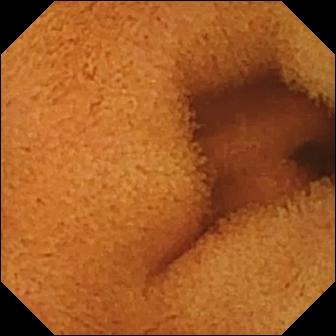PROCEDURE: Video capsule endoscopy.
FINDINGS: Normal clean mucosa.